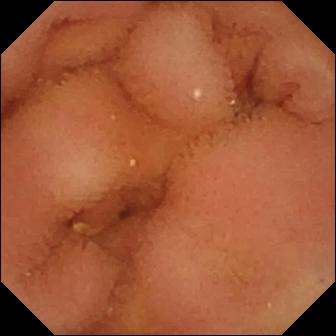VCE view (small intestine). Normal clean mucosa.